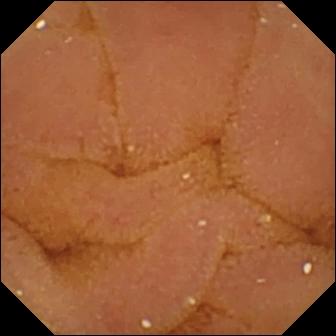Normal clean mucosa.